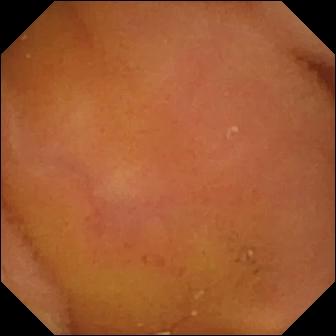Video capsule endoscopy still of the small intestine showing normal clean mucosa.